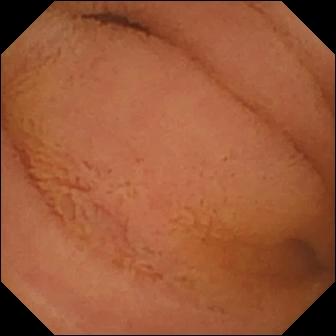Capsule endoscopy frame showing normal clean mucosa.